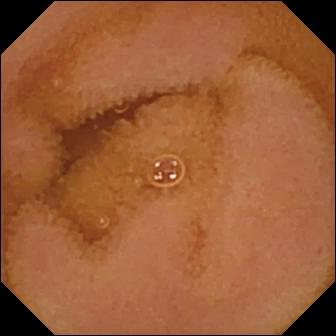Wireless capsule endoscopy still. Normal clean mucosa.